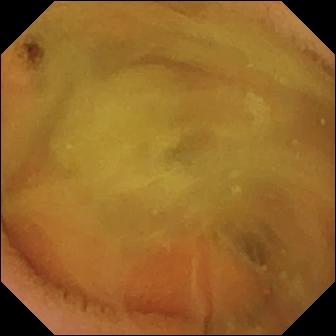VCE image of the small bowel showing normal clean mucosa.